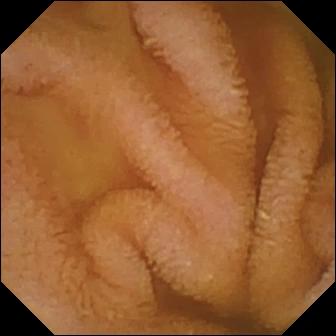modality: wireless capsule endoscopy
observation: normal clean mucosa